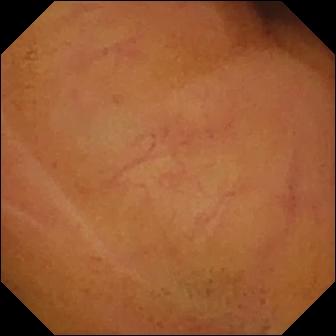Small-bowel capsule endoscopy. Impression: normal clean mucosa.